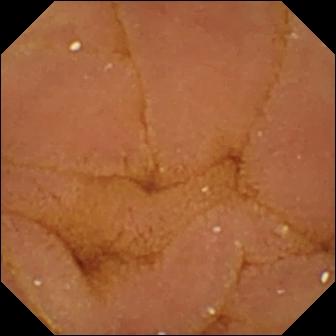PROCEDURE: Wireless capsule endoscopy.
SEGMENT: Small intestine.
FINDINGS: Normal clean mucosa.